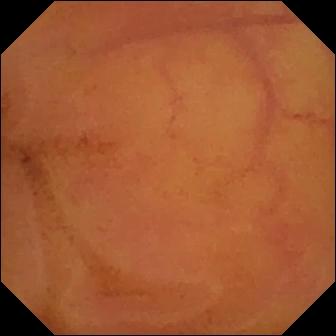VCE view (small bowel). Normal clean mucosa.